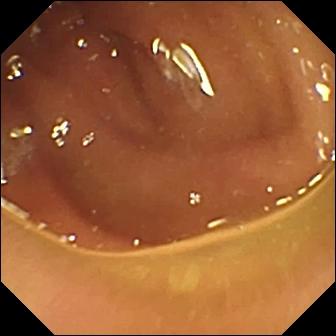Q: What does this video capsule endoscopy view of the small bowel show?
A: Normal clean mucosa.